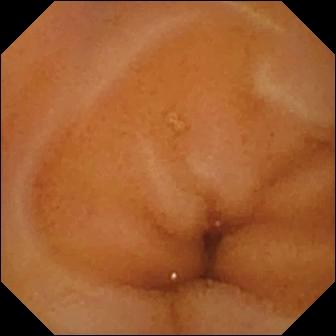Small-bowel capsule endoscopy. Observation: normal clean mucosa.